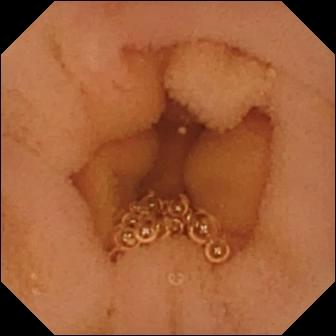PROCEDURE: WCE.
SEGMENT: Small bowel.
FINDINGS: Normal clean mucosa.